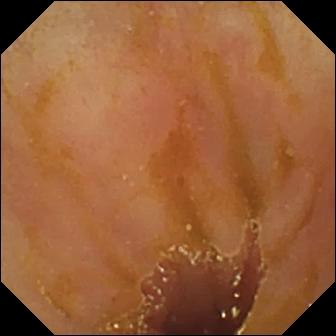PROCEDURE: VCE.
POSITION: Ileo-cecal valve region (the transition from the small bowel to the large bowel).